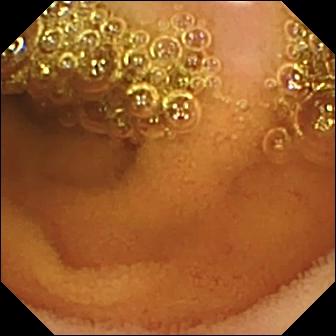Small-bowel capsule endoscopy — normal clean mucosa.